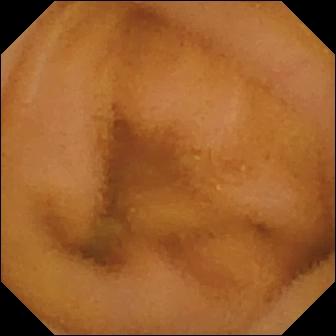Capsule endoscopy. Small bowel. Finding: normal clean mucosa.